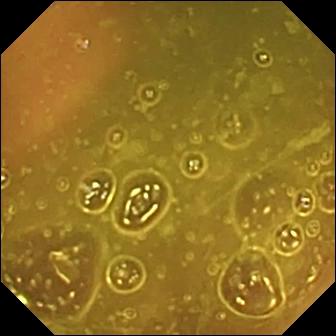This small-bowel capsule endoscopy image was taken in the ileo-cecal valve region (the transition from the small bowel to the large bowel).